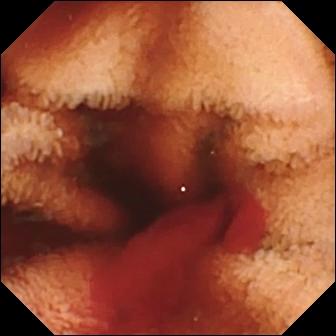VCE — fresh blood in the lumen.